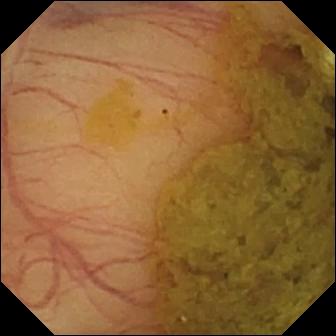Ileo-cecal valve region (the transition from the small bowel to the large bowel), 336×336.